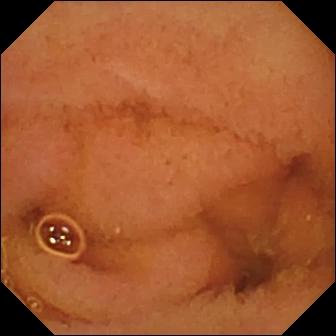Small-bowel capsule endoscopy — normal clean mucosa.